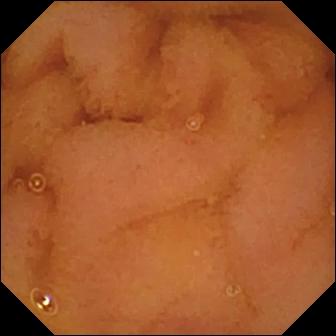Wireless capsule endoscopy frame showing normal clean mucosa.